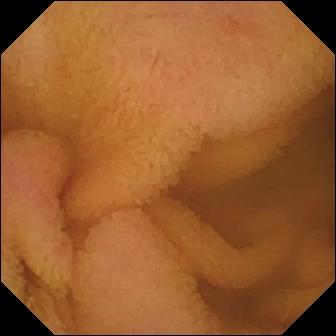- modality: video capsule endoscopy
- observation: normal clean mucosa